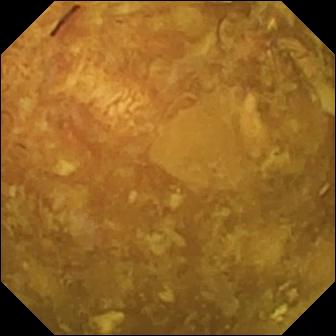Reduced mucosal view (content or bubbles obscuring the mucosa) — wireless capsule endoscopy image of the small bowel.